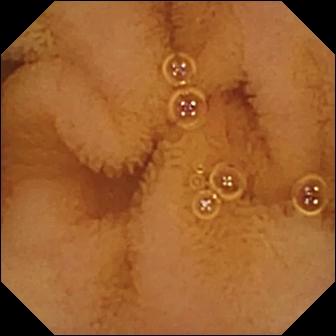Video capsule endoscopy snapshot of the small intestine showing normal clean mucosa.